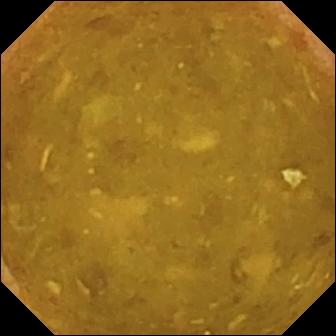Capsule endoscopy snapshot, small intestine
Impression: reduced mucosal view (content or bubbles obscuring the mucosa)